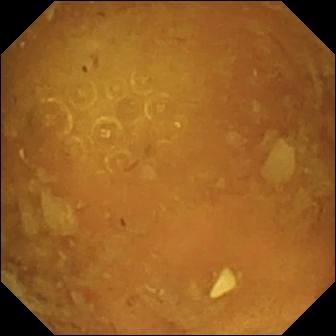Reduced mucosal view (content or bubbles obscuring the mucosa).